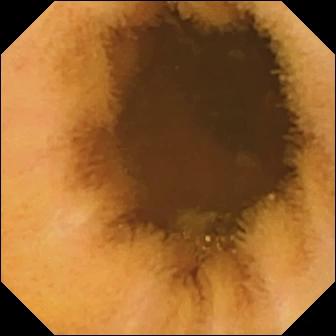Small-bowel capsule endoscopy image
Label: normal clean mucosa